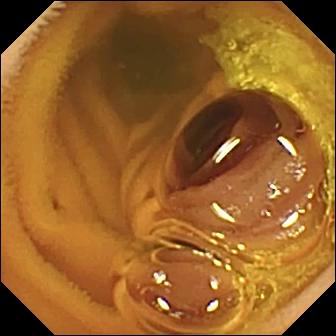modality: video capsule endoscopy; segment: small bowel; impression: normal clean mucosa